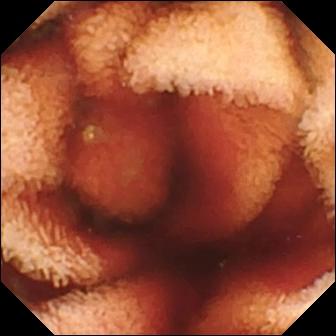Fresh blood in the lumen — small-bowel capsule endoscopy still.